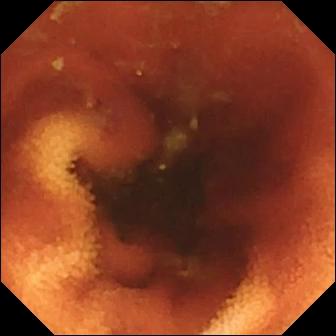Q: Where in the digestive tract was this WCE snapshot taken?
A: Ileo-cecal valve region (the transition from the small bowel to the large bowel).